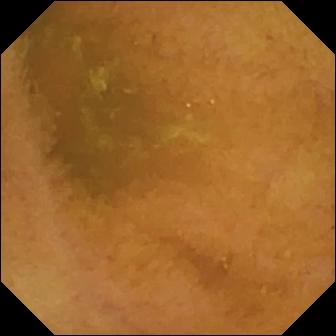VCE snapshot
Finding: normal clean mucosa